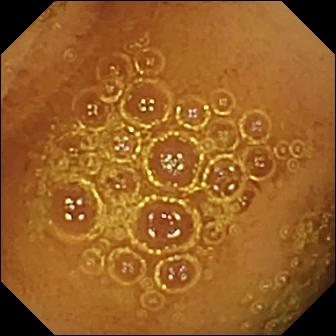modality: WCE; segment: small bowel; label: normal clean mucosa